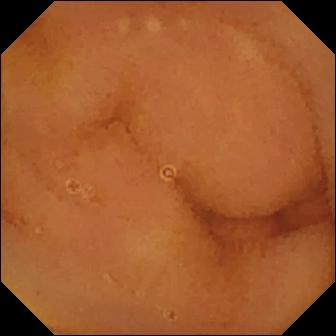VCE frame showing normal clean mucosa.